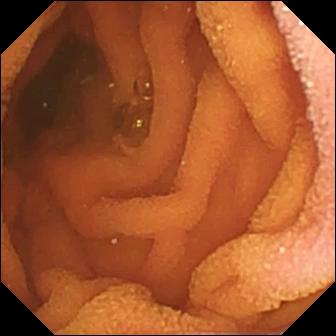Q: What does this capsule endoscopy frame of the small bowel show?
A: Normal clean mucosa.